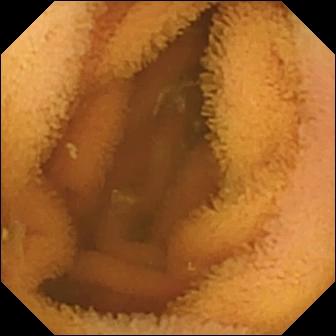Normal clean mucosa (336×336).